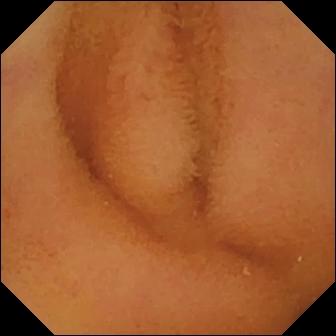WCE image showing normal clean mucosa.